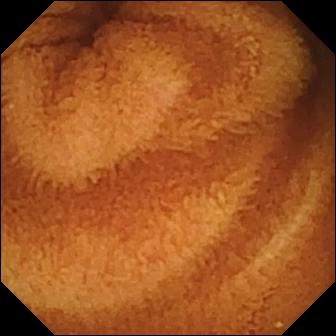PROCEDURE: VCE.
FINDINGS: Normal clean mucosa.